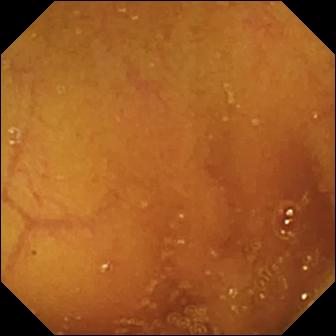Video capsule endoscopy frame, 336×336. Normal clean mucosa.